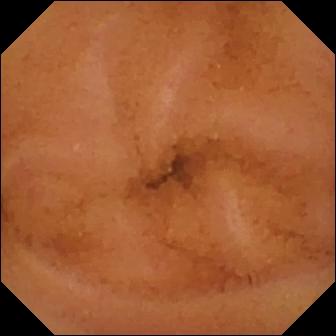Q: What does this VCE snapshot of the small intestine show?
A: Normal clean mucosa.